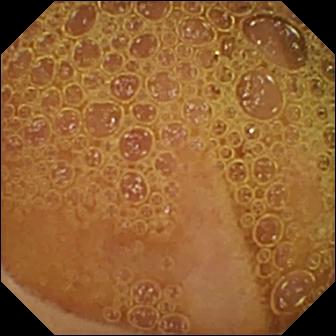Normal clean mucosa — small-bowel capsule endoscopy image.